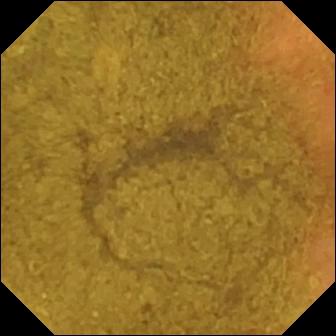PROCEDURE: VCE.
VIDEO SEGMENT: Ileo-cecal valve region.